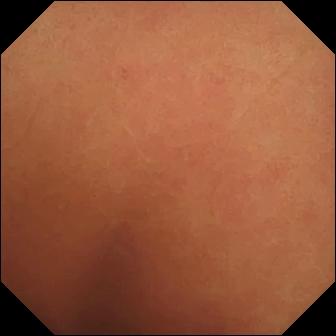Wireless capsule endoscopy still
Observation: normal clean mucosa